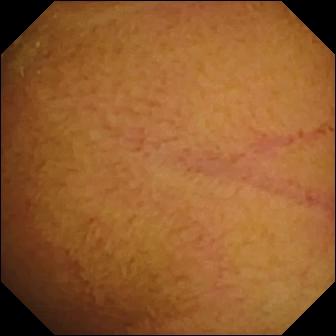Capsule endoscopy image. Normal clean mucosa.